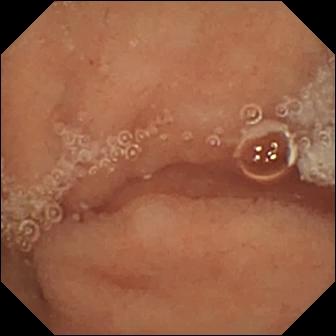This small-bowel capsule endoscopy frame of the small bowel shows normal clean mucosa.